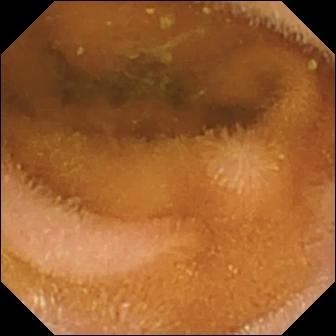{"modality": "capsule endoscopy", "category": "luminal finding", "finding": "normal clean mucosa"}